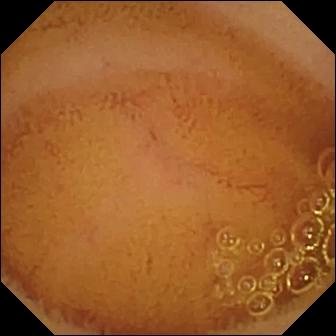VCE — normal clean mucosa.